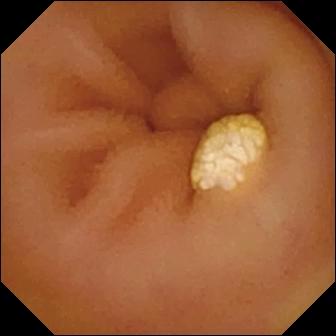VCE. Luminal finding. Observation: lymphangiectasia.